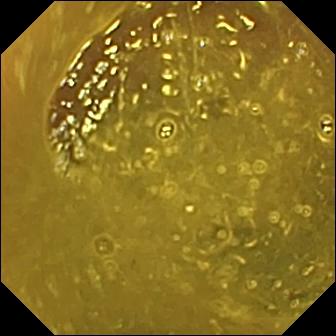Q: Where in the digestive tract was this small-bowel capsule endoscopy view taken?
A: Ileo-cecal valve region (the transition from the small bowel to the large bowel).